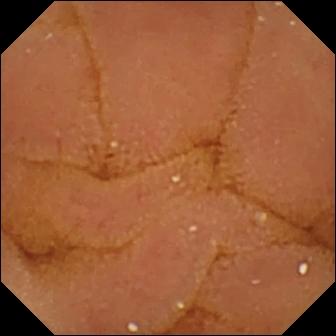Wireless capsule endoscopy — normal clean mucosa.